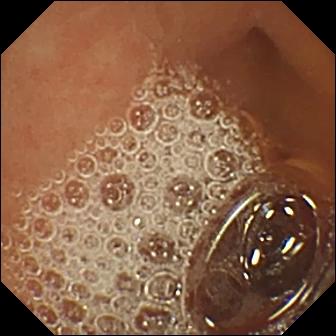This small-bowel capsule endoscopy image shows normal clean mucosa.